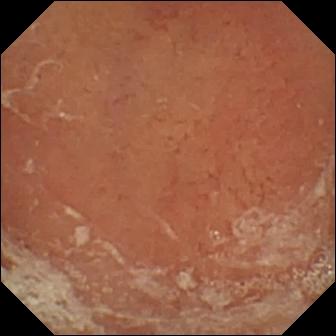Q: Where in the digestive tract was this video capsule endoscopy frame taken?
A: Pylorus region (the junction between the stomach and the small bowel).